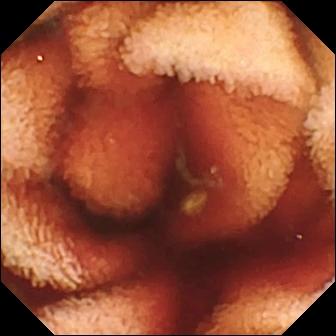Fresh blood in the lumen.